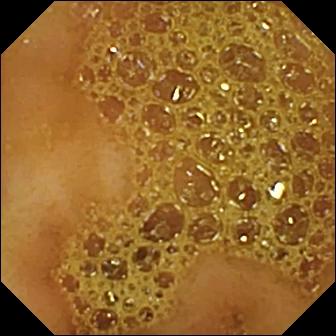Ileo-cecal valve region.